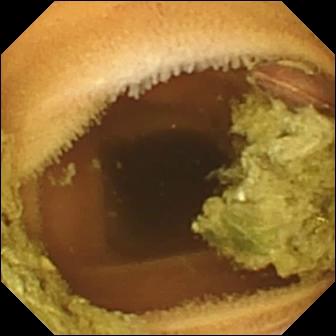- modality: VCE
- label: normal clean mucosa